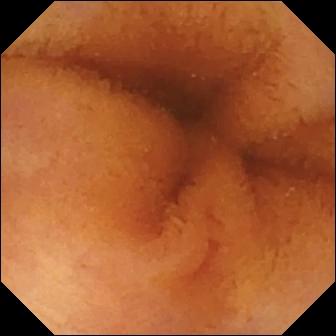{"modality": "wireless capsule endoscopy", "segment": "small intestine", "finding": "normal clean mucosa"}